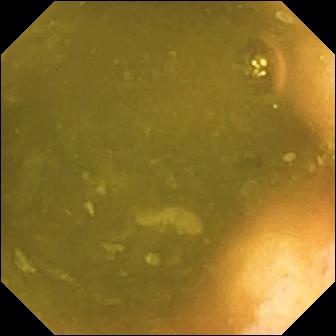Q: Where in the digestive tract was this video capsule endoscopy image taken?
A: Ileo-cecal valve region.